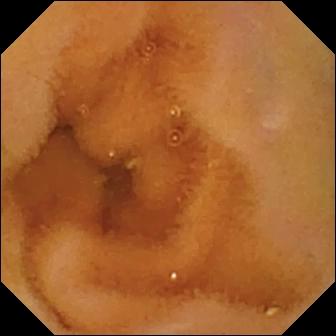WCE — normal clean mucosa.